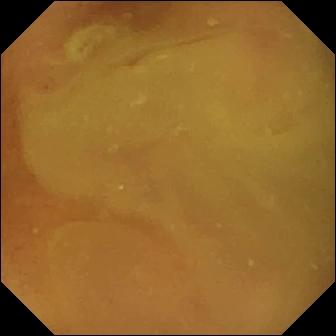Normal clean mucosa — small-bowel capsule endoscopy still of the small intestine.